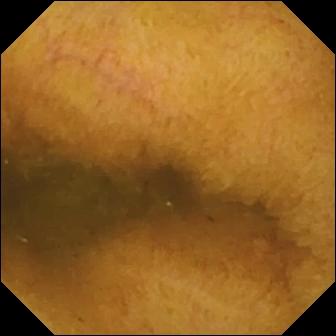Capsule endoscopy. Small intestine. Finding: normal clean mucosa.